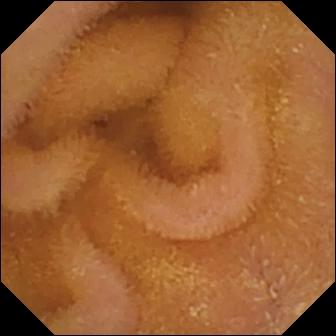Small-bowel capsule endoscopy still showing normal clean mucosa.